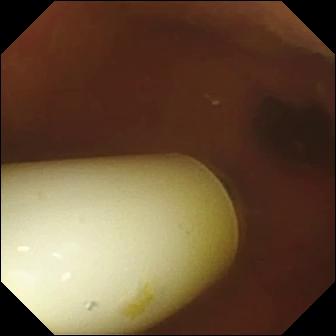PROCEDURE: Small-bowel capsule endoscopy.
FINDINGS: Foreign body (e.g. retained capsule, tablet residue).